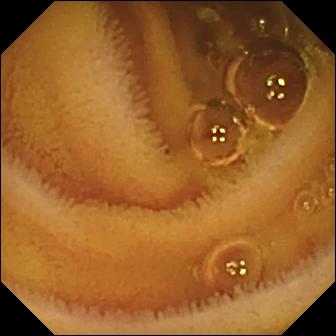PROCEDURE: Video capsule endoscopy.
SEGMENT: Small bowel.
FINDINGS: Normal clean mucosa.